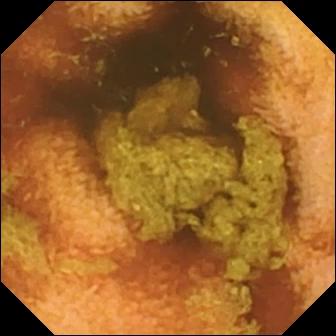modality: video capsule endoscopy
observation: normal clean mucosa